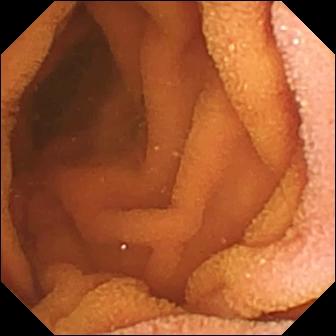Capsule endoscopy snapshot, small bowel
Observation: normal clean mucosa